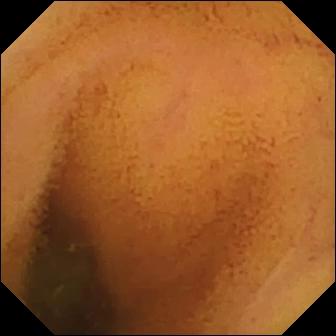Wireless capsule endoscopy snapshot, small bowel
Finding: normal clean mucosa